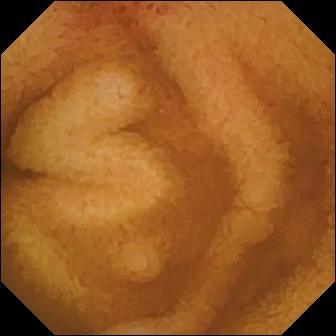{"modality": "video capsule endoscopy", "finding": "erosion"}